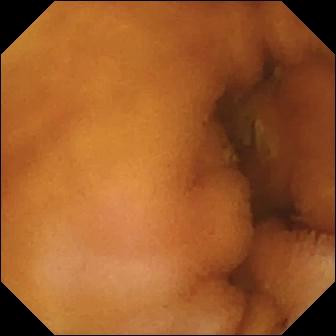Normal clean mucosa — wireless capsule endoscopy view of the small bowel.